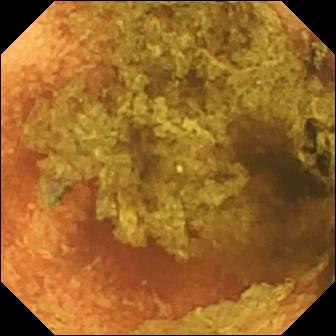Normal clean mucosa.